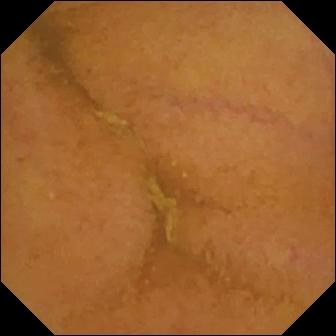{"modality": "wireless capsule endoscopy", "category": "luminal finding", "finding": "normal clean mucosa"}